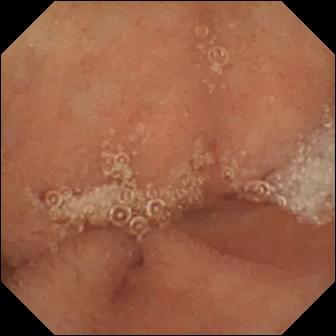Q: What does this small-bowel capsule endoscopy snapshot of the small bowel show?
A: Normal clean mucosa.